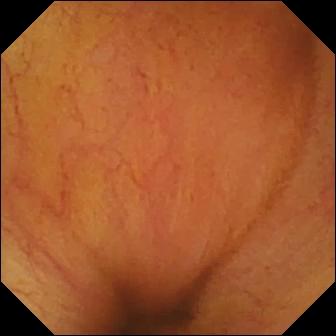VCE frame taken in the ileo-cecal valve region (where the capsule passes from the small bowel into the large bowel).